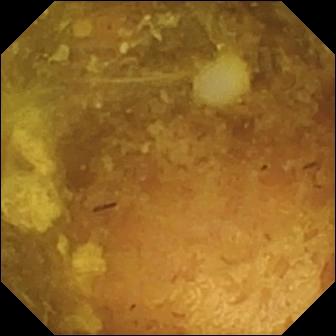Reduced mucosal view (content or bubbles obscuring the mucosa) — video capsule endoscopy frame.